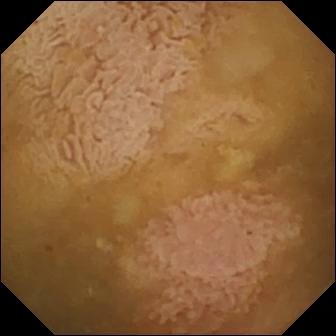- modality: capsule endoscopy
- position: ileo-cecal valve region (where the capsule passes from the small bowel into the large bowel)